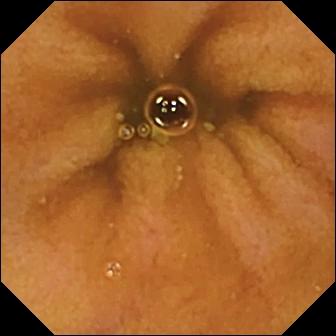{"modality": "WCE", "finding": "normal clean mucosa"}